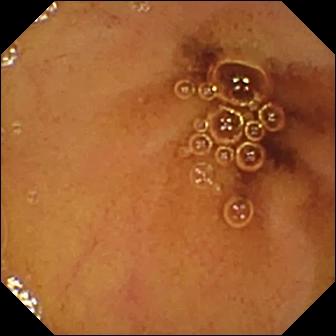Wireless capsule endoscopy. Label: normal clean mucosa.